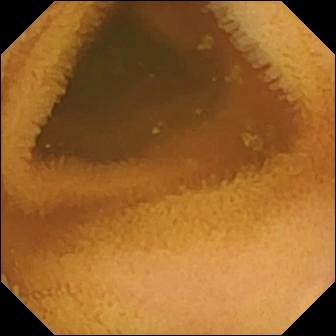This WCE snapshot shows normal clean mucosa.